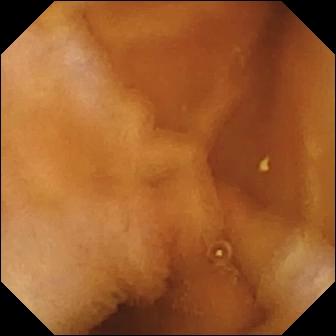- modality: wireless capsule endoscopy
- category: luminal finding
- observation: normal clean mucosa